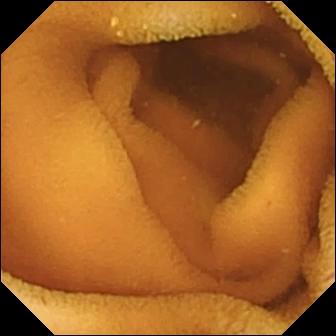Normal clean mucosa.